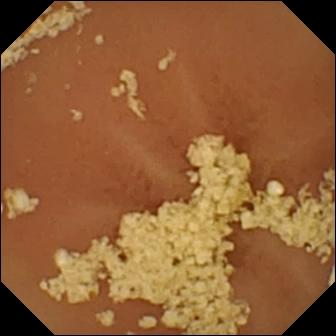Small-bowel capsule endoscopy — normal clean mucosa.